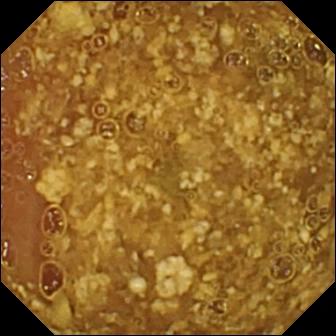PROCEDURE: WCE.
SEGMENT: Small intestine.
FINDINGS: Reduced mucosal view (content or bubbles obscuring the mucosa).